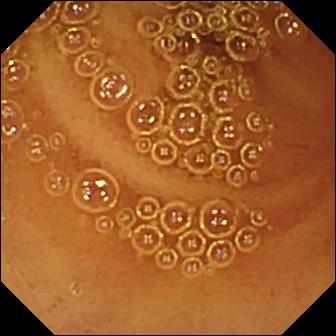WCE image (small bowel), 336×336. Normal clean mucosa.